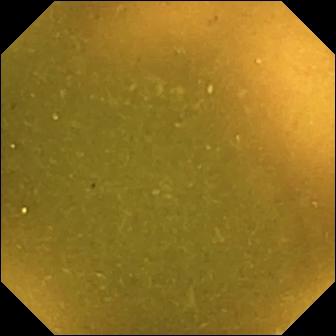Ileo-cecal valve region (the transition from the small bowel to the large bowel), 336×336.